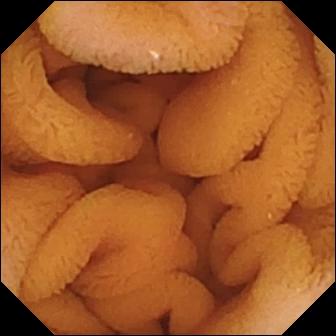- modality: capsule endoscopy
- segment: small bowel
- observation: normal clean mucosa